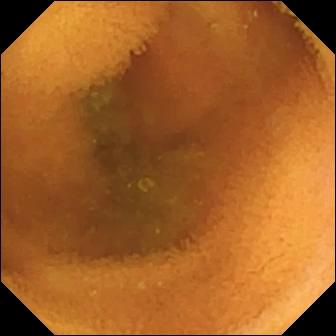WCE. Observation: normal clean mucosa.